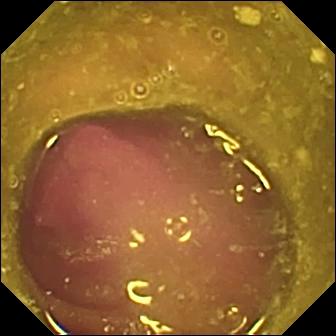This WCE view of the small intestine shows reduced mucosal view (content or bubbles obscuring the mucosa).